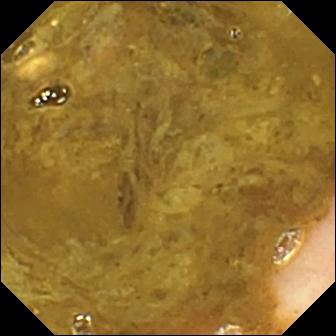{"modality": "VCE", "category": "anatomical landmark", "label": "ileo-cecal valve region"}